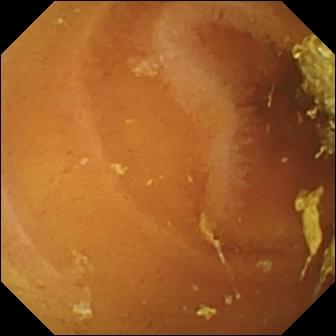Wireless capsule endoscopy. Luminal finding. Label: normal clean mucosa.